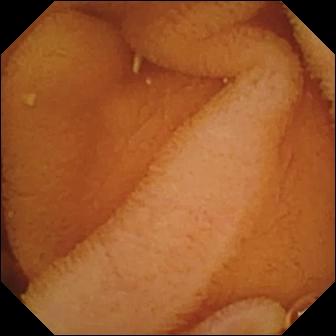This wireless capsule endoscopy image of the small bowel shows normal clean mucosa.